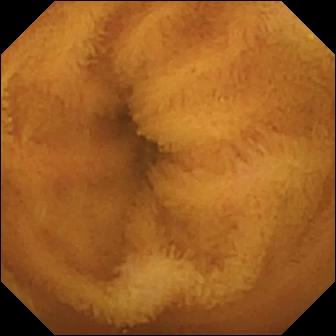Normal clean mucosa — capsule endoscopy snapshot.